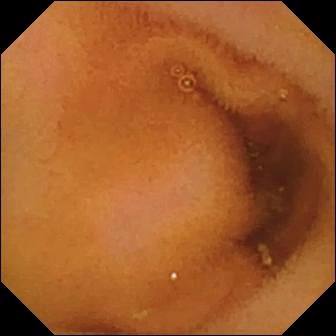Q: What does this small-bowel capsule endoscopy still show?
A: Normal clean mucosa.